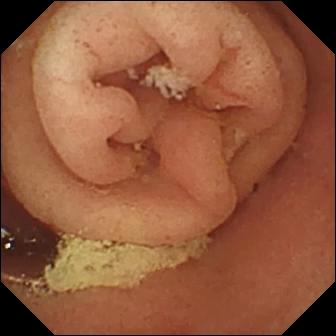This WCE snapshot was taken in the pylorus region.